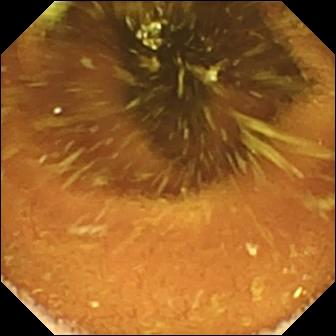- modality: WCE
- segment: small bowel
- label: normal clean mucosa